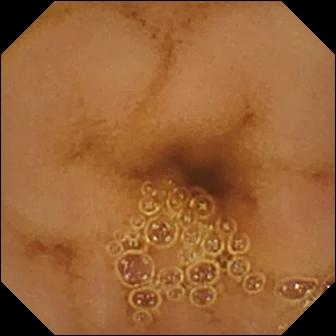modality: small-bowel capsule endoscopy | label: normal clean mucosa